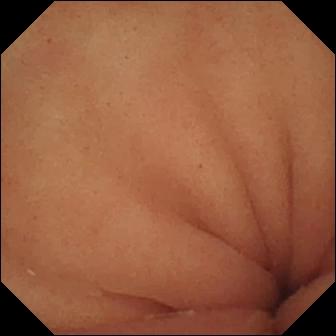PROCEDURE: Wireless capsule endoscopy.
LOCATION: Pylorus region (the junction between the stomach and the small bowel).